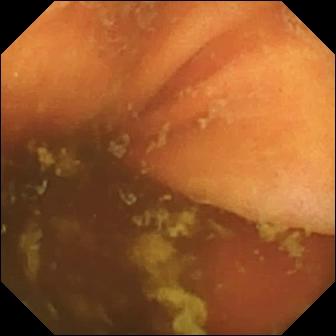modality: small-bowel capsule endoscopy | label: ileo-cecal valve region